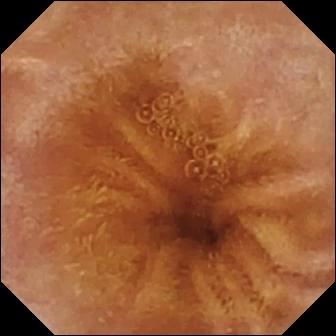PROCEDURE: Video capsule endoscopy.
SEGMENT: Small bowel.
FINDINGS: Normal clean mucosa.